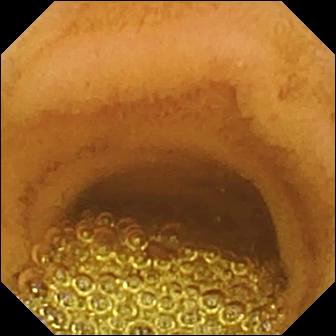VCE snapshot (small intestine). Normal clean mucosa.